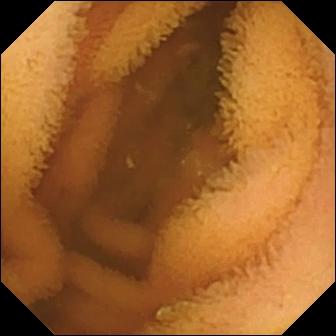- modality: wireless capsule endoscopy
- label: normal clean mucosa